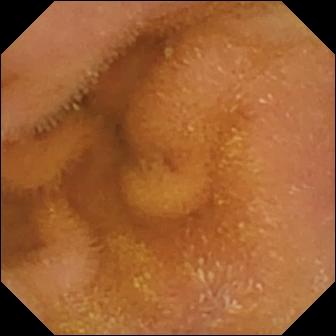Normal clean mucosa — WCE view.